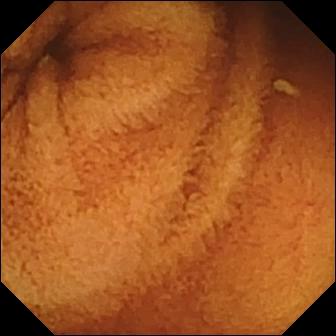Q: What does this WCE snapshot show?
A: Normal clean mucosa.